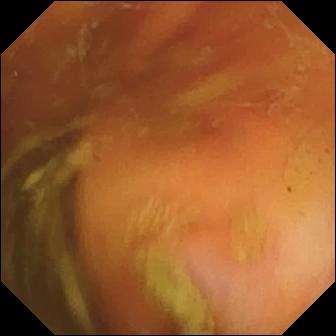WCE. Label: ileo-cecal valve region (the transition from the small bowel to the large bowel).